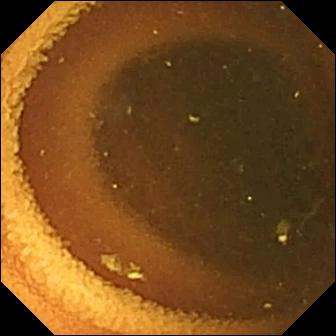{"modality": "VCE", "category": "luminal finding", "finding": "normal clean mucosa"}